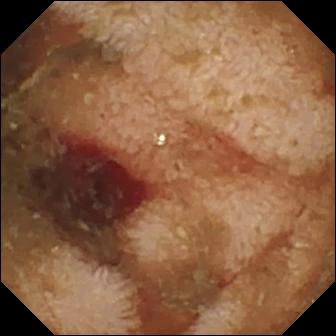modality: video capsule endoscopy | finding: fresh blood in the lumen